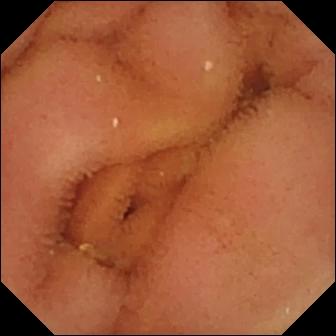Q: What does this wireless capsule endoscopy frame of the small intestine show?
A: Normal clean mucosa.